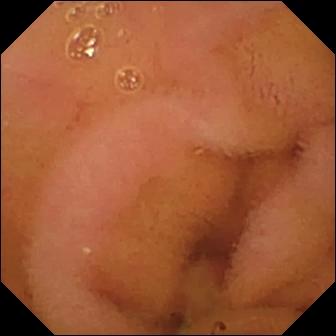This wireless capsule endoscopy image shows normal clean mucosa.